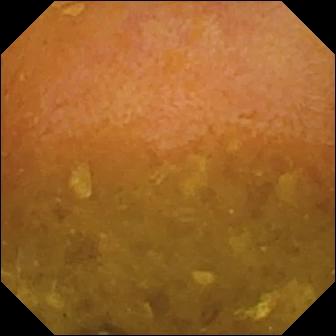modality: video capsule endoscopy
observation: reduced mucosal view (content or bubbles obscuring the mucosa)